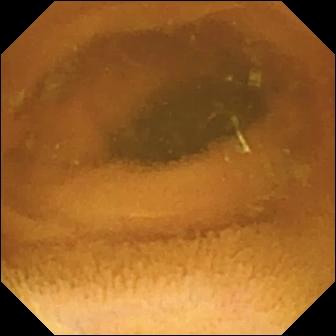Normal clean mucosa (336×336).